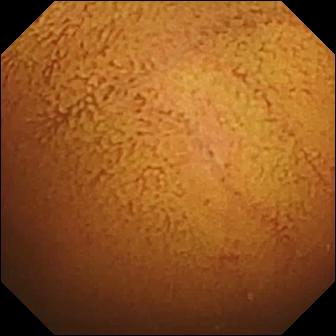Normal clean mucosa.